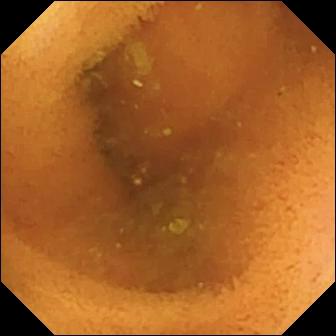WCE image
Label: normal clean mucosa